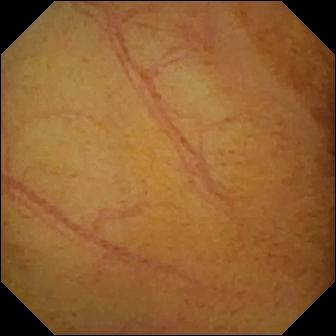- modality: wireless capsule endoscopy
- label: normal clean mucosa